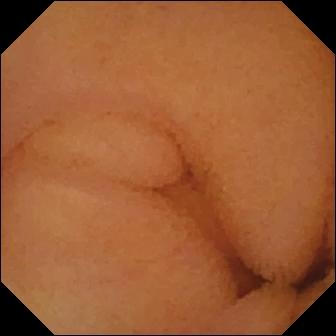Q: What does this small-bowel capsule endoscopy image of the small bowel show?
A: Normal clean mucosa.